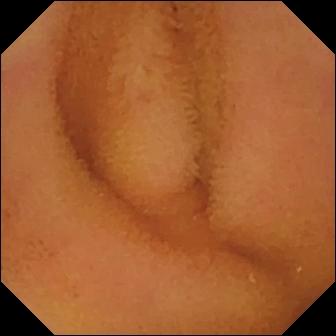Normal clean mucosa — video capsule endoscopy frame of the small bowel.